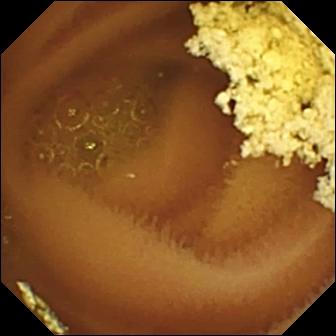{"modality": "capsule endoscopy", "segment": "small bowel", "finding": "normal clean mucosa"}